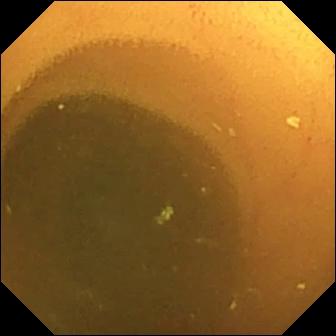Video capsule endoscopy snapshot. Normal clean mucosa.